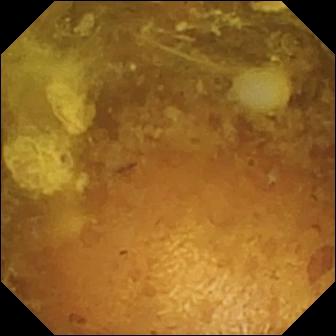Reduced mucosal view (content or bubbles obscuring the mucosa) (336×336).